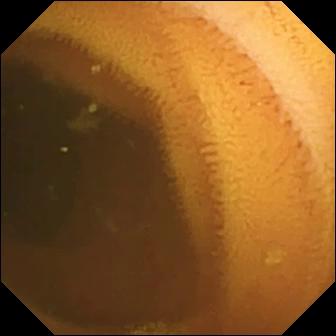Small-bowel capsule endoscopy frame, small intestine
Impression: normal clean mucosa